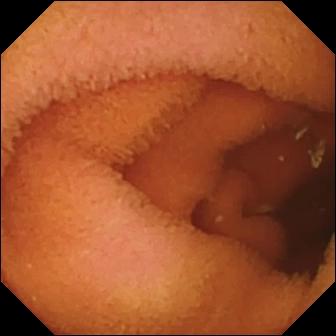This small-bowel capsule endoscopy view of the small intestine shows normal clean mucosa.